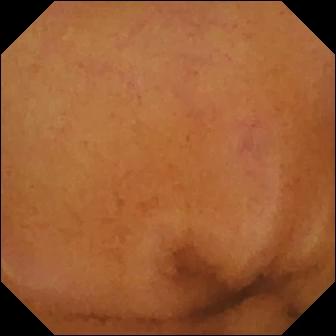Capsule endoscopy. Small bowel. Finding: normal clean mucosa.